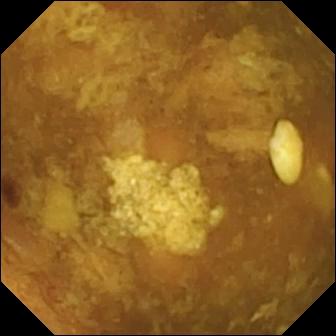modality: wireless capsule endoscopy
category: luminal finding
label: reduced mucosal view (content or bubbles obscuring the mucosa)